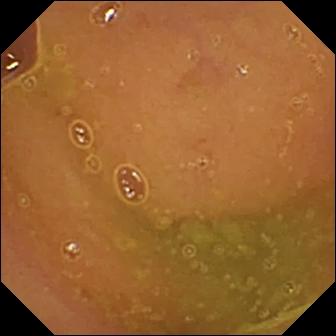Normal clean mucosa.